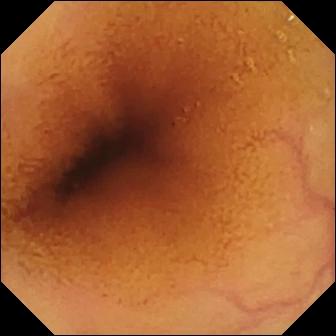Video capsule endoscopy — normal clean mucosa.